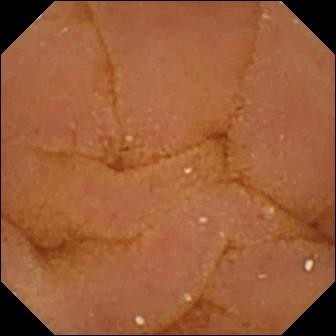PROCEDURE: Small-bowel capsule endoscopy.
SEGMENT: Small intestine.
FINDINGS: Normal clean mucosa.